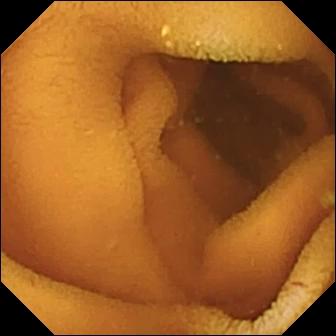This wireless capsule endoscopy view shows normal clean mucosa.